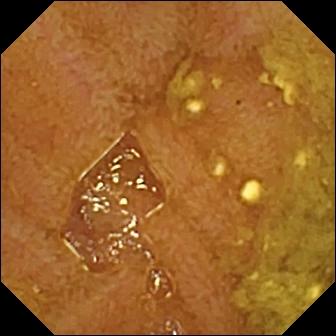Q: Where in the digestive tract was this wireless capsule endoscopy image taken?
A: Ileo-cecal valve region (the transition from the small bowel to the large bowel).